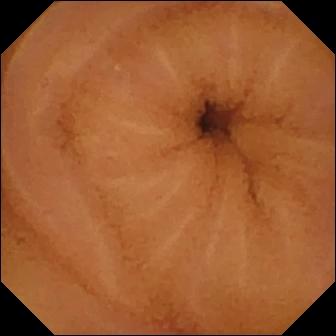modality: wireless capsule endoscopy; segment: small intestine; label: normal clean mucosa